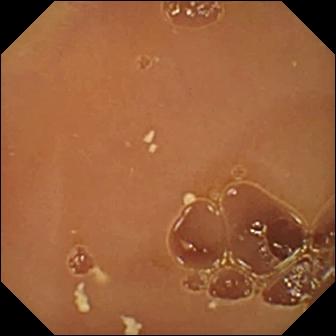Normal clean mucosa — capsule endoscopy image.